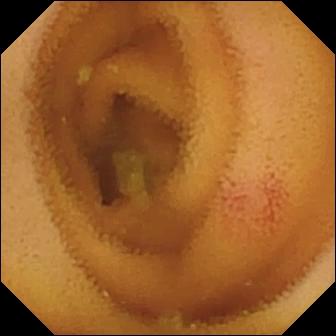{"modality": "VCE", "finding": "angiectasia"}